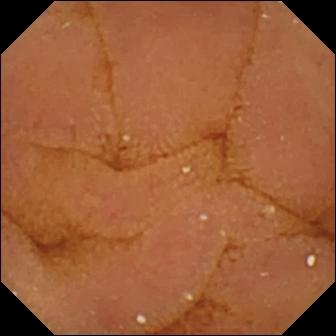VCE image, small bowel
Label: normal clean mucosa